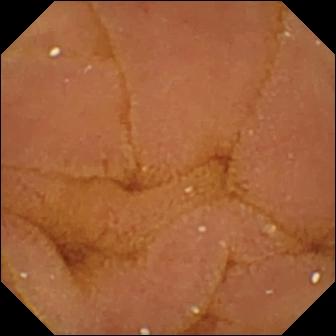WCE. Label: normal clean mucosa.